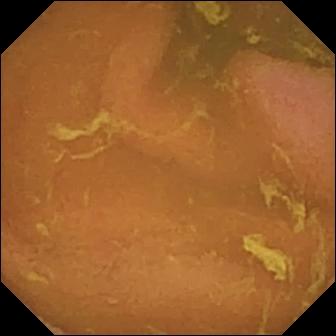This WCE image of the small bowel shows normal clean mucosa.